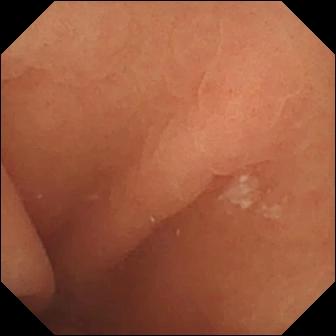Normal clean mucosa.